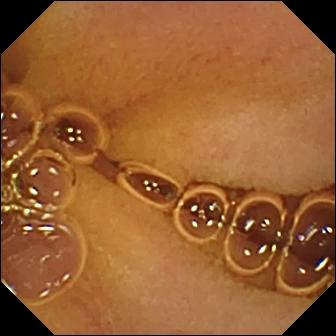Normal clean mucosa.